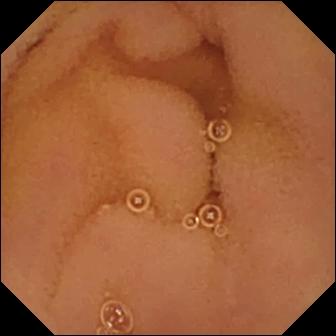WCE. Small bowel. Label: normal clean mucosa.